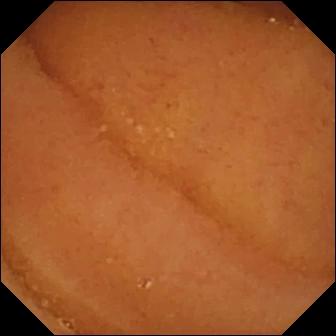VCE view, small intestine
Impression: normal clean mucosa